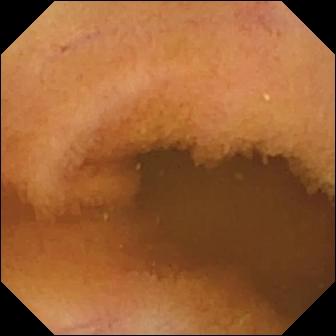PROCEDURE: Capsule endoscopy.
SEGMENT: Small bowel.
FINDINGS: Normal clean mucosa.